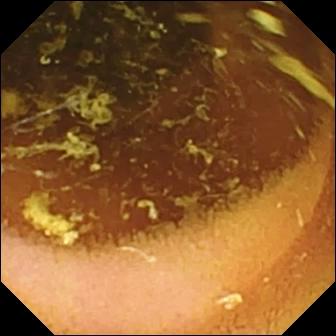WCE image of the small bowel showing normal clean mucosa.